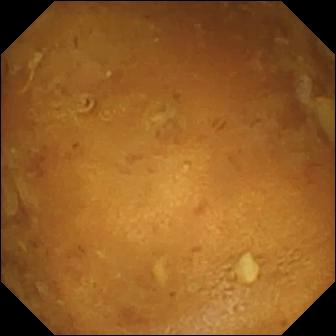This video capsule endoscopy frame shows reduced mucosal view (content or bubbles obscuring the mucosa).